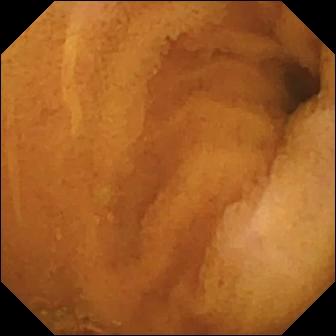- modality: small-bowel capsule endoscopy
- segment: small bowel
- category: luminal finding
- impression: normal clean mucosa